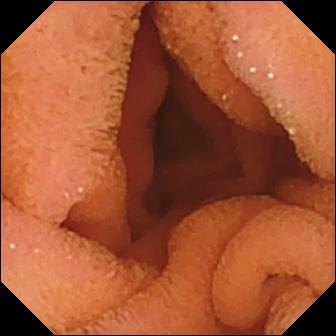- modality: small-bowel capsule endoscopy
- segment: small intestine
- finding: normal clean mucosa